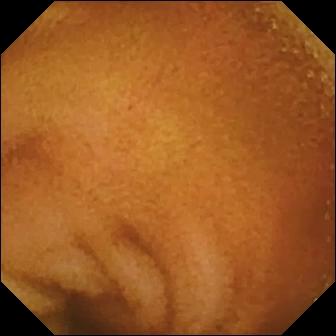Small-bowel capsule endoscopy frame
Label: normal clean mucosa